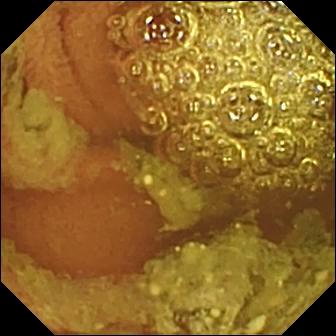- modality: WCE
- category: luminal finding
- finding: normal clean mucosa